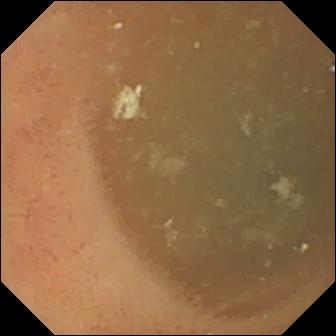PROCEDURE: Video capsule endoscopy.
SEGMENT: Small bowel.
FINDINGS: Normal clean mucosa.